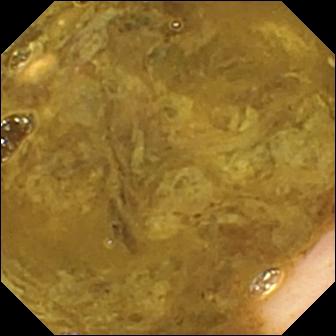Q: Where in the digestive tract was this capsule endoscopy still taken?
A: Ileo-cecal valve region (the transition from the small bowel to the large bowel).